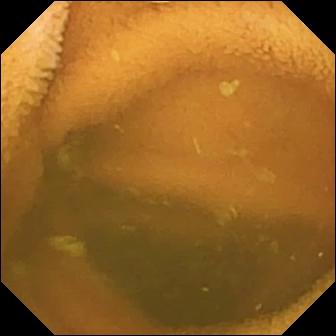- modality: wireless capsule endoscopy
- segment: small bowel
- impression: normal clean mucosa